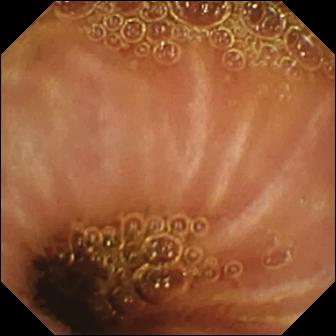Q: What does this small-bowel capsule endoscopy snapshot show?
A: Normal clean mucosa.